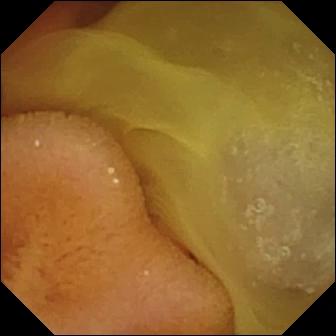Small-bowel capsule endoscopy still
Impression: normal clean mucosa